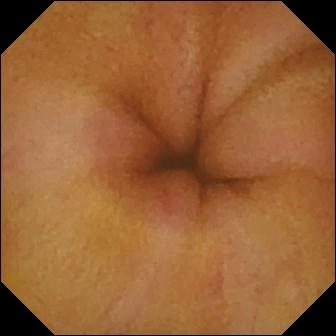Erythema (mucosal redness) — VCE snapshot.